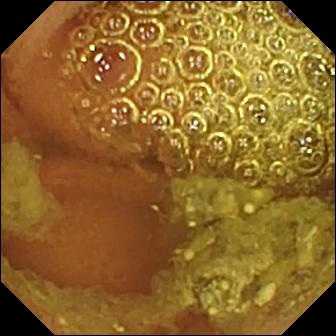Small-bowel capsule endoscopy snapshot (small intestine), 336×336. Normal clean mucosa.